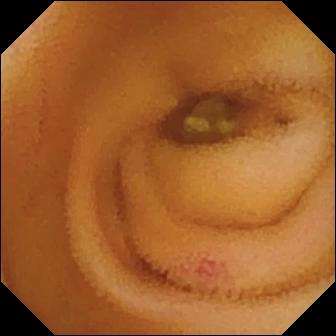WCE — angiectasia.